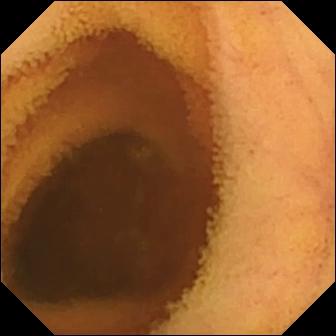Small-bowel capsule endoscopy frame of the small intestine showing normal clean mucosa.